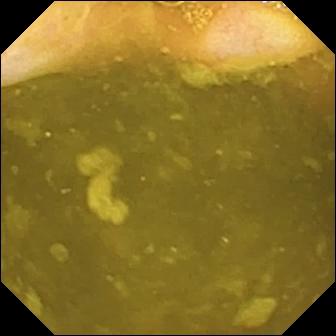Ileo-cecal valve region.